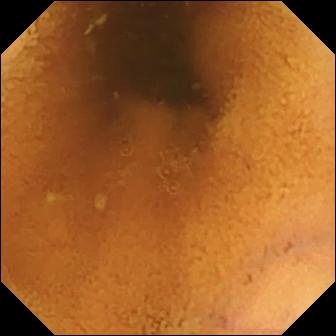Small-bowel capsule endoscopy — normal clean mucosa.